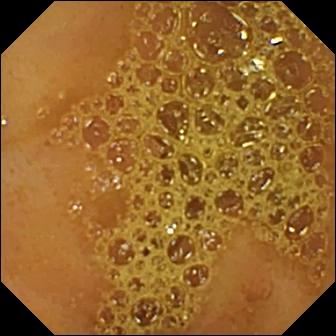{"modality": "small-bowel capsule endoscopy", "category": "anatomical landmark", "location": "ileo-cecal valve region"}